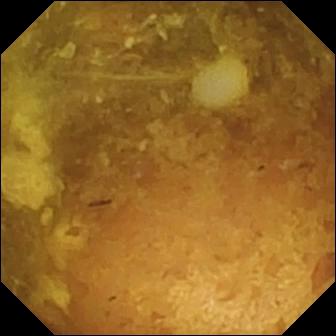modality: VCE | observation: reduced mucosal view (content or bubbles obscuring the mucosa)